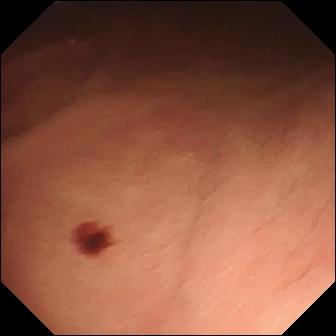Q: What does this capsule endoscopy frame show?
A: Angiectasia.